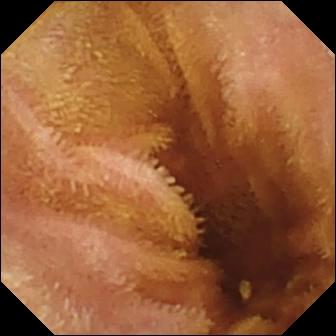PROCEDURE: WCE.
SEGMENT: Small bowel.
FINDINGS: Normal clean mucosa.